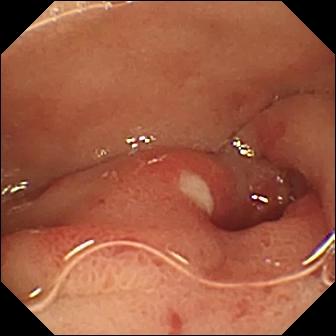modality: WCE
finding: ulcer